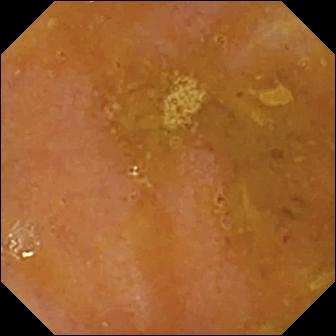WCE still (small bowel), 336×336. Reduced mucosal view (content or bubbles obscuring the mucosa).